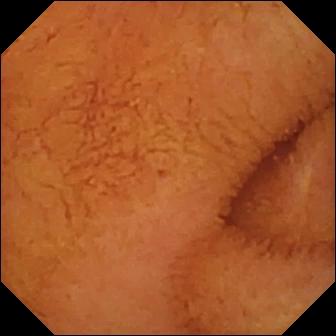VCE frame (small bowel), 336×336. Normal clean mucosa.